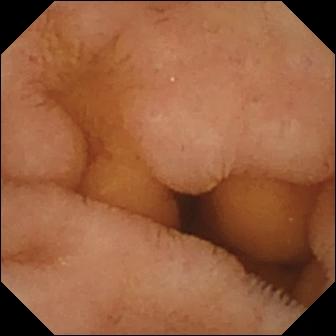Q: What does this VCE view of the small bowel show?
A: Normal clean mucosa.